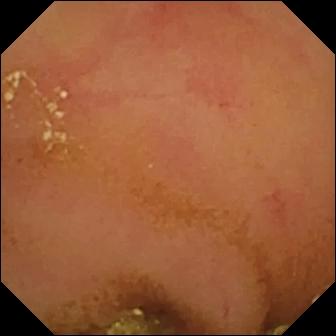WCE snapshot showing normal clean mucosa.